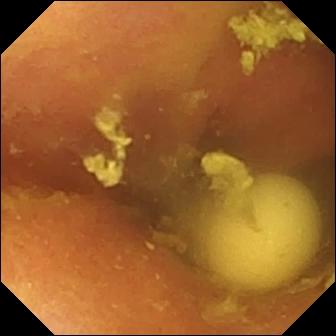WCE view
Label: foreign body (e.g. retained capsule, tablet residue)